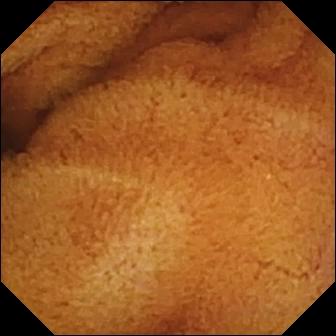Small-bowel capsule endoscopy still showing normal clean mucosa.